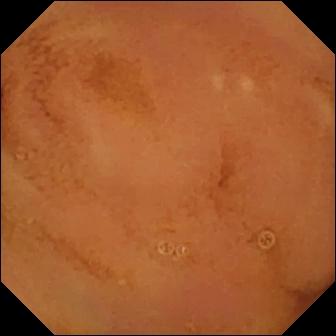This WCE image shows normal clean mucosa.